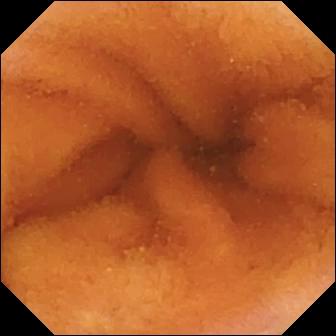WCE. Small intestine. Impression: normal clean mucosa.